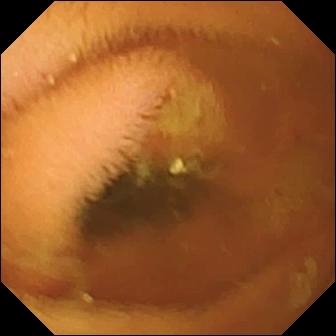{"modality": "wireless capsule endoscopy", "segment": "small intestine", "finding": "normal clean mucosa"}